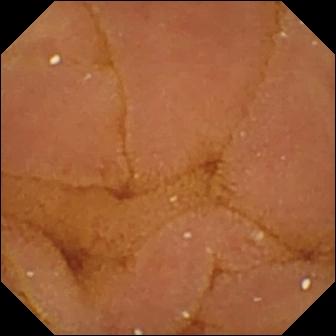Video capsule endoscopy — normal clean mucosa.